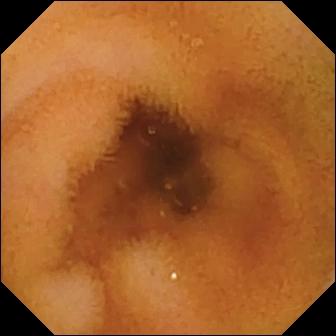Q: What does this wireless capsule endoscopy snapshot of the small bowel show?
A: Normal clean mucosa.